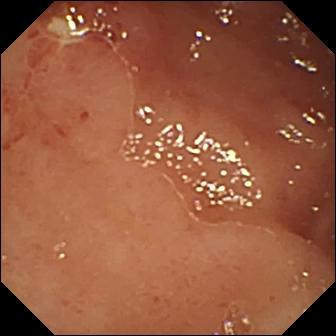Small-bowel capsule endoscopy frame showing ulcer.